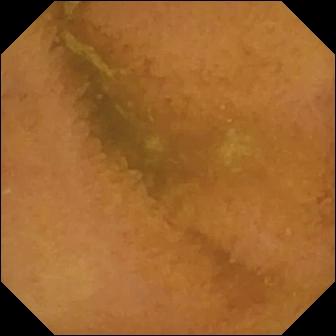Capsule endoscopy. Observation: normal clean mucosa.